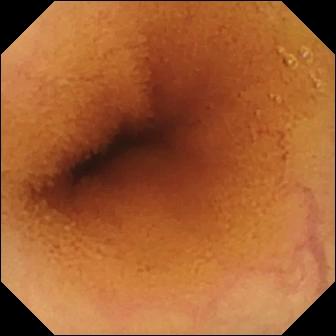Q: What does this wireless capsule endoscopy frame show?
A: Normal clean mucosa.